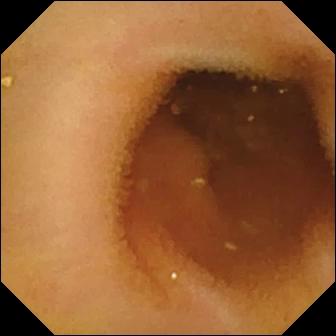This video capsule endoscopy still of the small intestine shows normal clean mucosa.